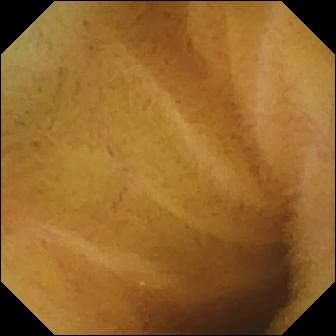- modality: capsule endoscopy
- category: luminal finding
- impression: normal clean mucosa